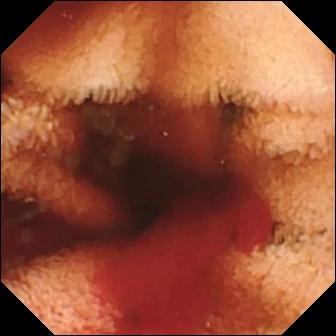modality: small-bowel capsule endoscopy
observation: fresh blood in the lumen